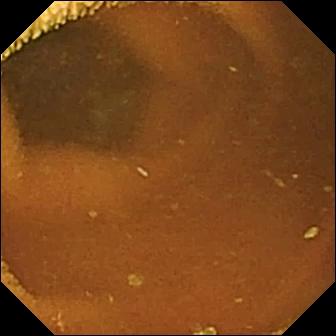Wireless capsule endoscopy. Luminal finding. Impression: normal clean mucosa.